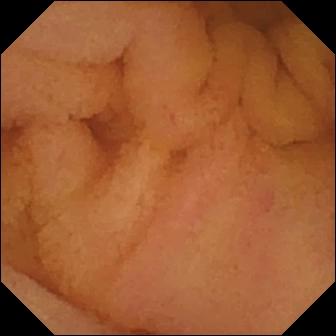{"modality": "video capsule endoscopy", "finding": "normal clean mucosa"}